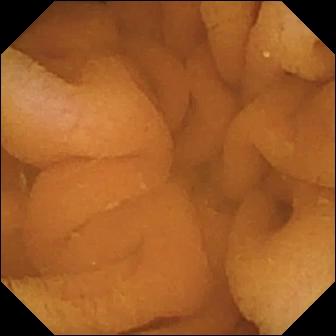Normal clean mucosa — WCE snapshot.